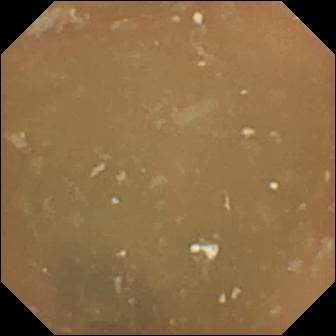PROCEDURE: Wireless capsule endoscopy.
SEGMENT: Small bowel.
FINDINGS: Normal clean mucosa.